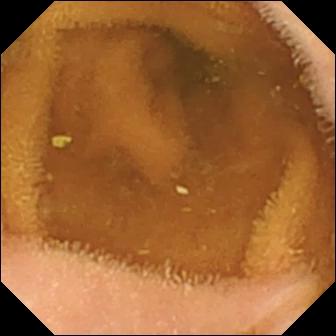This small-bowel capsule endoscopy image of the small intestine shows normal clean mucosa.